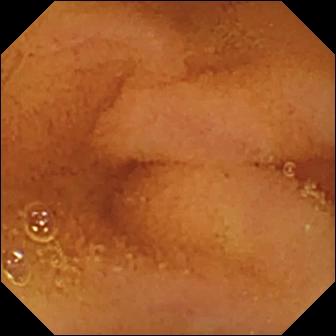WCE image (small intestine). Normal clean mucosa.